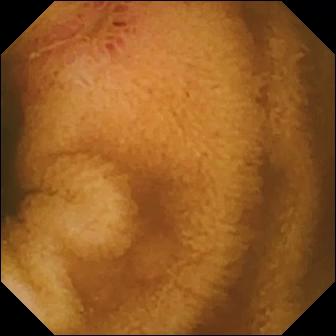- modality: WCE
- observation: erosion